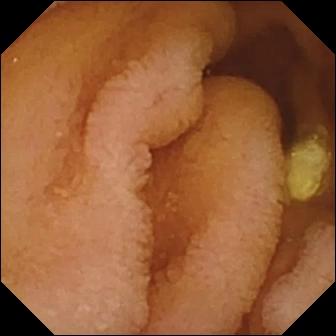Normal clean mucosa — video capsule endoscopy snapshot.